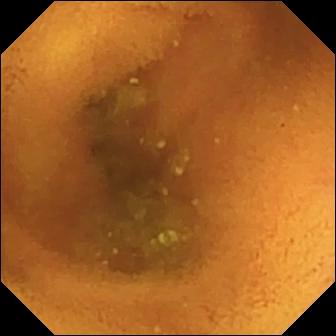modality: WCE
observation: normal clean mucosa